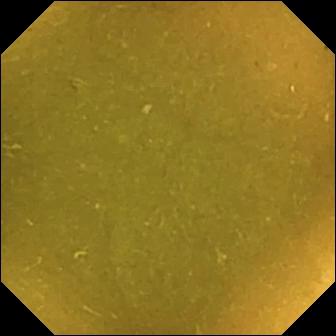PROCEDURE: WCE.
POSITION: Ileo-cecal valve region (where the capsule passes from the small bowel into the large bowel).